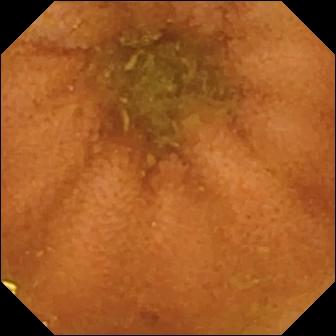VCE snapshot (small intestine), 336×336. Normal clean mucosa.